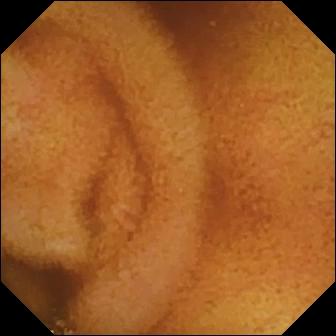This VCE image of the small intestine shows normal clean mucosa.